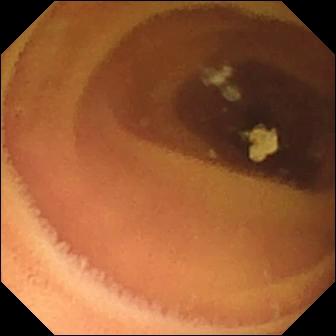PROCEDURE: Video capsule endoscopy.
SEGMENT: Small bowel.
FINDINGS: Normal clean mucosa.